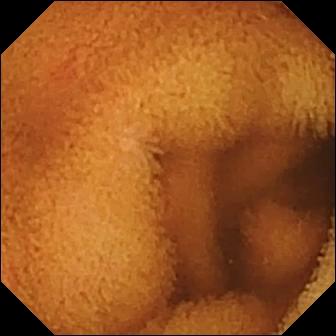This small-bowel capsule endoscopy still of the small intestine shows normal clean mucosa.